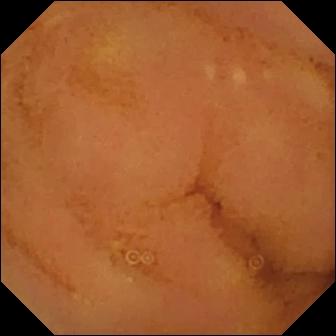{"modality": "video capsule endoscopy", "finding": "normal clean mucosa"}